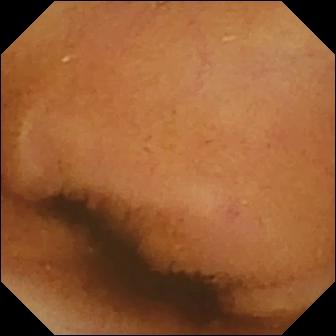Normal clean mucosa (336×336).